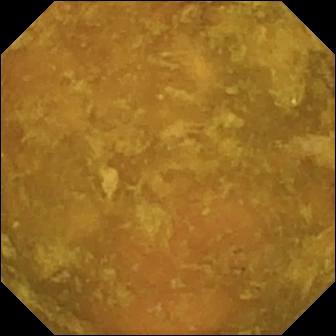Capsule endoscopy. Label: reduced mucosal view (content or bubbles obscuring the mucosa).